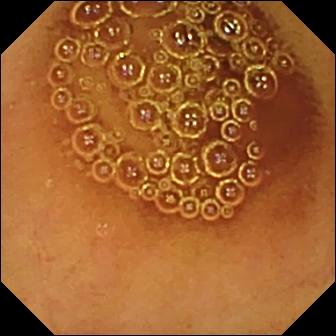WCE snapshot, small intestine
Impression: normal clean mucosa